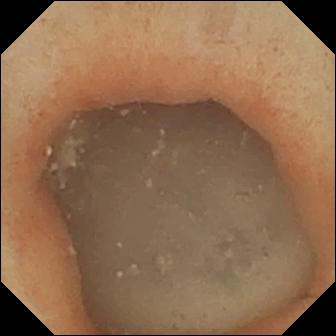Video capsule endoscopy image taken in the pylorus region.